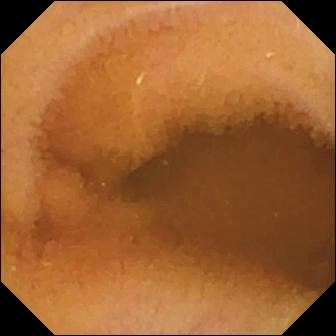modality: small-bowel capsule endoscopy | impression: normal clean mucosa